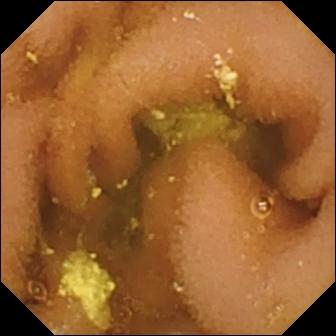WCE view showing lymphangiectasia.